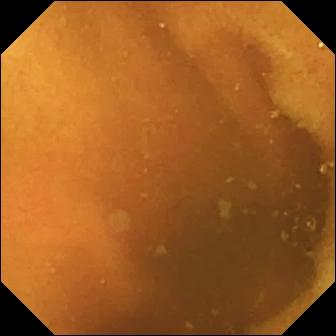Small-bowel capsule endoscopy — normal clean mucosa.